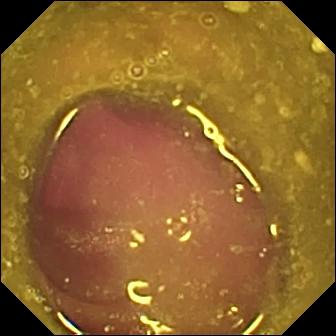Wireless capsule endoscopy image, small intestine
Finding: reduced mucosal view (content or bubbles obscuring the mucosa)